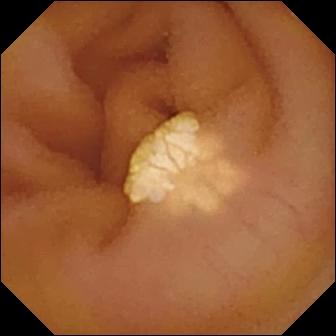PROCEDURE: Video capsule endoscopy.
FINDINGS: Lymphangiectasia.